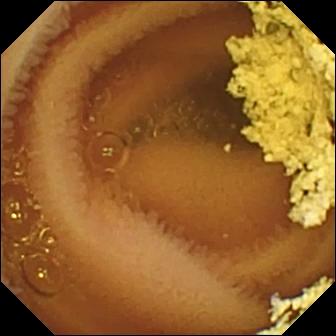{"modality": "VCE", "category": "luminal finding", "finding": "normal clean mucosa"}